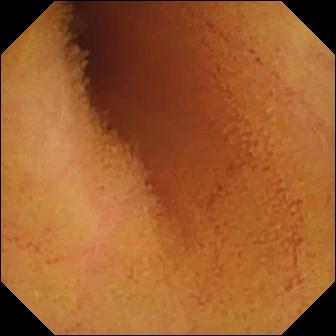- modality: capsule endoscopy
- category: luminal finding
- finding: normal clean mucosa